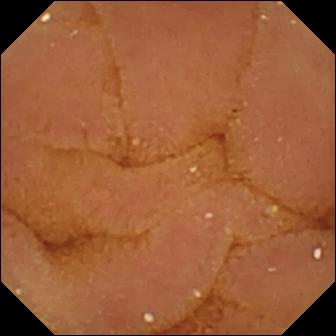modality: capsule endoscopy
finding: normal clean mucosa